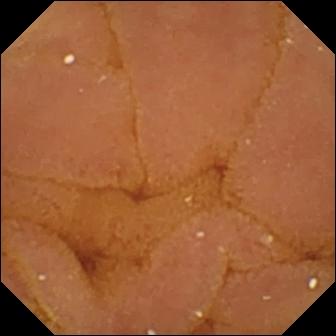modality: WCE | segment: small bowel | category: luminal finding | finding: normal clean mucosa